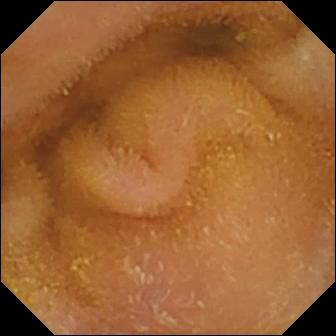Normal clean mucosa — wireless capsule endoscopy frame of the small intestine.